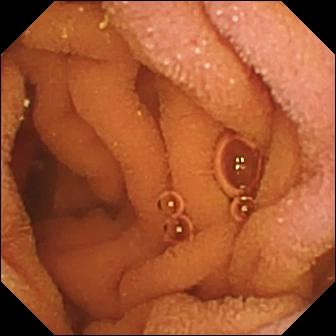- modality: WCE
- segment: small intestine
- category: luminal finding
- finding: normal clean mucosa